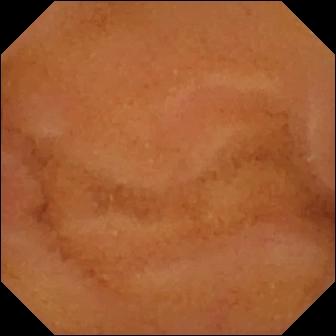WCE view (small bowel). Normal clean mucosa.